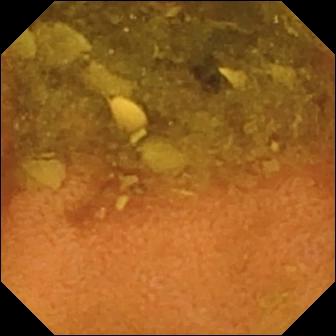{"modality": "VCE", "category": "luminal finding", "finding": "normal clean mucosa"}